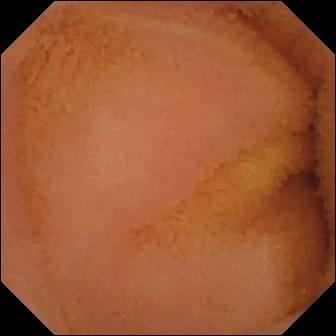VCE snapshot, small bowel
Label: normal clean mucosa